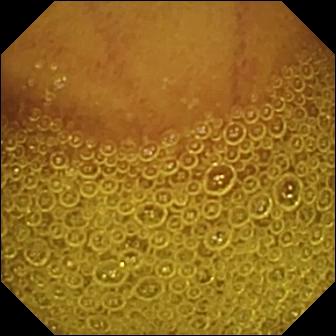WCE. Observation: normal clean mucosa.